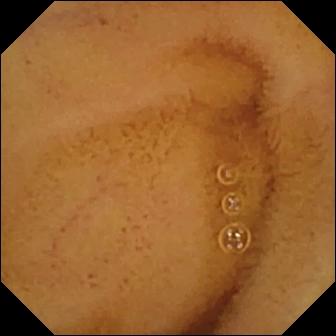{"modality": "capsule endoscopy", "finding": "normal clean mucosa"}